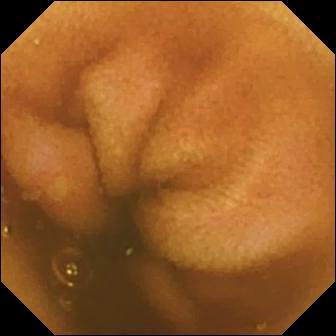Erosion — VCE still.